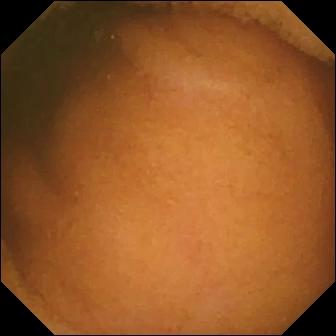Small-bowel capsule endoscopy snapshot showing normal clean mucosa.